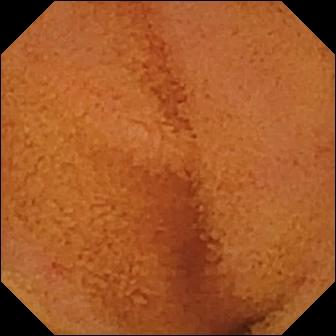modality: capsule endoscopy | category: luminal finding | label: normal clean mucosa